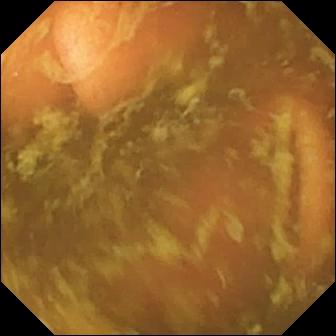- modality: small-bowel capsule endoscopy
- label: ileo-cecal valve region (the transition from the small bowel to the large bowel)